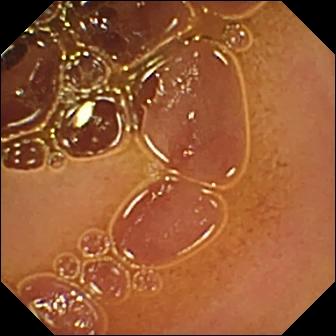modality: small-bowel capsule endoscopy; category: luminal finding; observation: normal clean mucosa